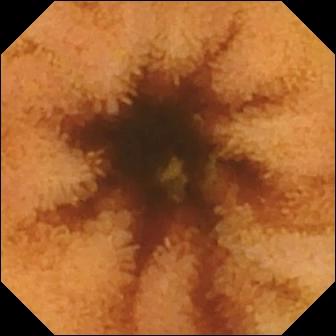Video capsule endoscopy view of the small bowel showing normal clean mucosa.